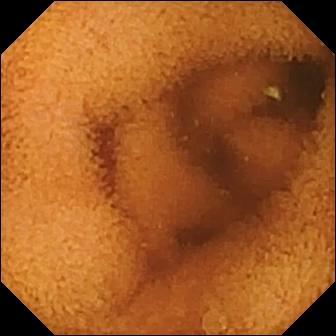WCE frame of the small bowel showing normal clean mucosa.